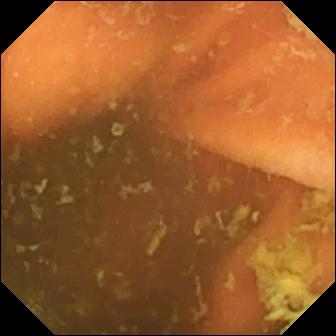Q: Where in the digestive tract was this wireless capsule endoscopy frame taken?
A: Ileo-cecal valve region (the transition from the small bowel to the large bowel).